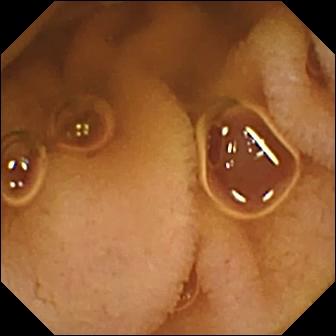WCE frame showing normal clean mucosa.